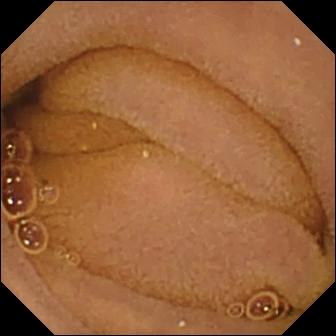{"modality": "small-bowel capsule endoscopy", "segment": "small intestine", "category": "luminal finding", "finding": "normal clean mucosa"}